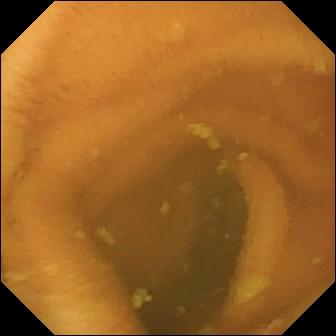Capsule endoscopy. Small bowel. Finding: normal clean mucosa.